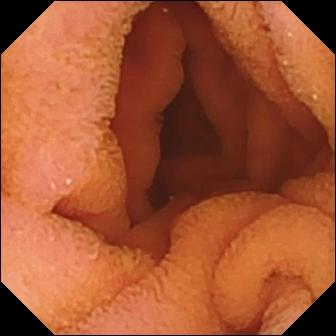Q: What does this WCE frame show?
A: Normal clean mucosa.